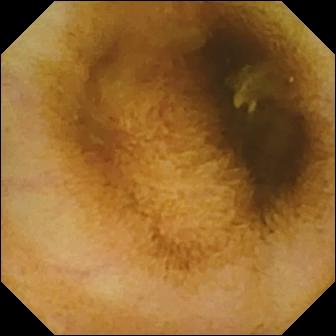This small-bowel capsule endoscopy snapshot shows normal clean mucosa.